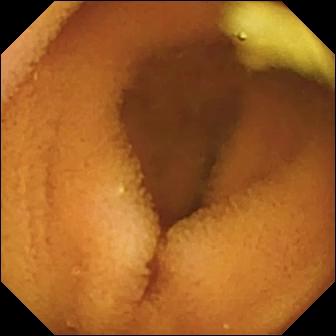PROCEDURE: Wireless capsule endoscopy.
FINDINGS: Normal clean mucosa.